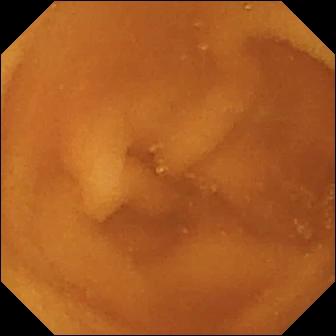modality: wireless capsule endoscopy; observation: normal clean mucosa